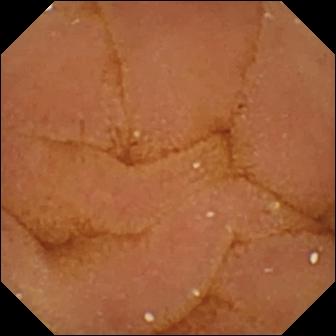Capsule endoscopy. Small intestine. Luminal finding. Finding: normal clean mucosa.